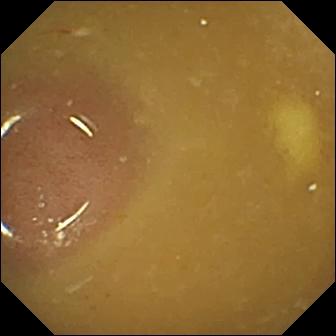VCE image, 336×336. Taken in the ileo-cecal valve region.